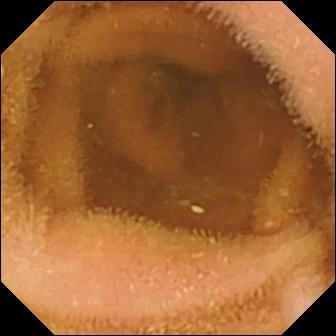PROCEDURE: VCE.
FINDINGS: Normal clean mucosa.